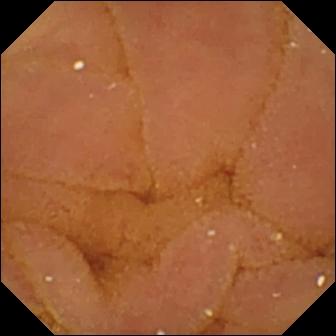Capsule endoscopy — normal clean mucosa.